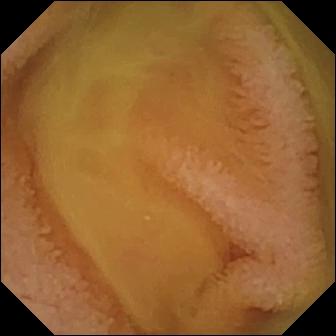WCE — normal clean mucosa.